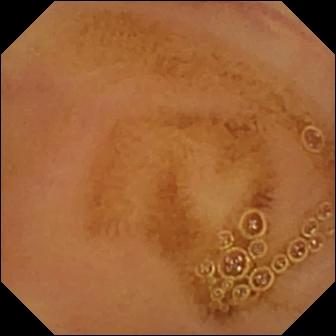- modality: wireless capsule endoscopy
- label: normal clean mucosa